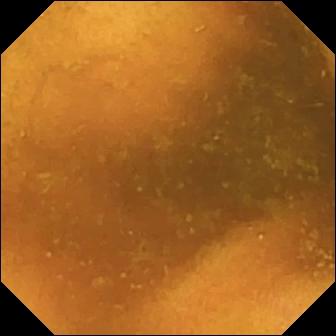Small-bowel capsule endoscopy — normal clean mucosa.